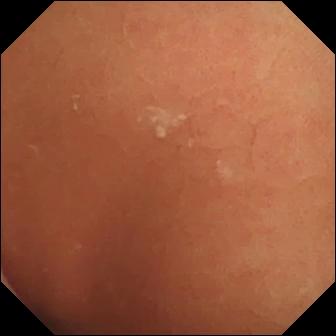- modality: wireless capsule endoscopy
- finding: normal clean mucosa